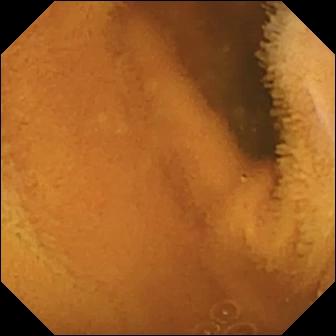modality: capsule endoscopy | segment: small intestine | label: normal clean mucosa